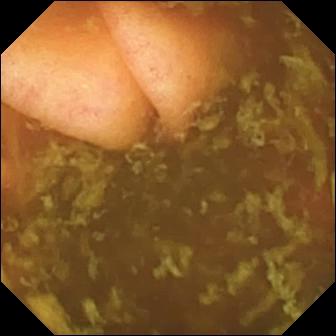Q: Where in the digestive tract was this small-bowel capsule endoscopy snapshot taken?
A: Ileo-cecal valve region.